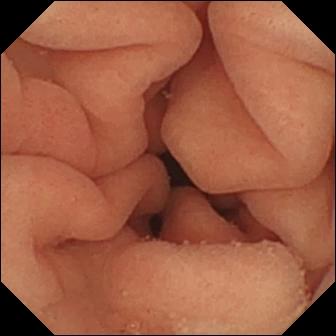modality: capsule endoscopy; position: pylorus region (the junction between the stomach and the small bowel)